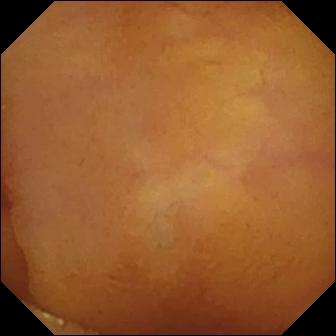Q: What does this WCE view show?
A: Normal clean mucosa.